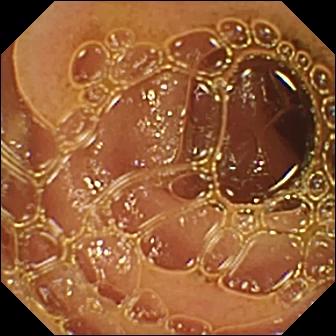Capsule endoscopy snapshot (small intestine). Normal clean mucosa.